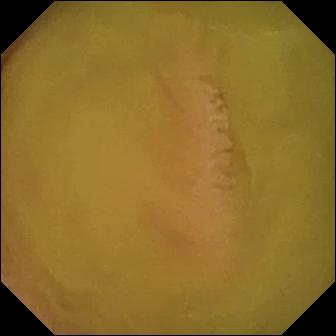WCE frame, small bowel
Impression: normal clean mucosa